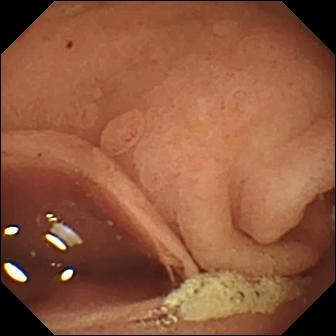This WCE image was taken in the pylorus region (where the capsule passes from the stomach into the small bowel).